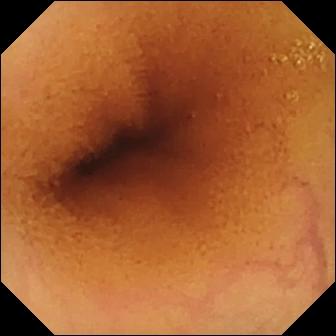Video capsule endoscopy view
Finding: normal clean mucosa